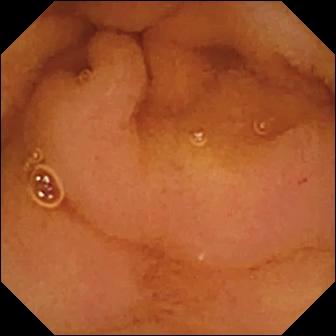Video capsule endoscopy image showing normal clean mucosa.